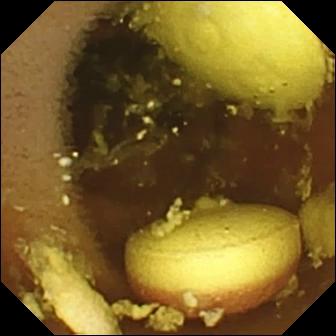Small-bowel capsule endoscopy. Finding: foreign body (e.g. retained capsule, tablet residue).